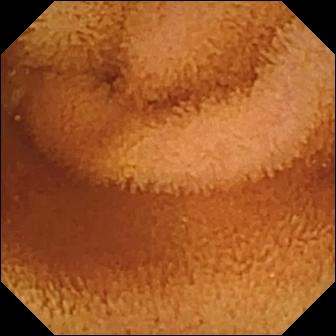Normal clean mucosa (336×336).